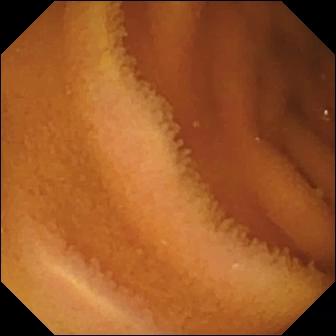Normal clean mucosa — WCE view of the small intestine.